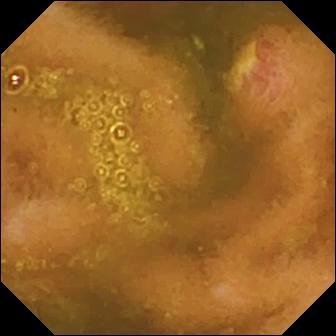Video capsule endoscopy. Finding: ulcer.